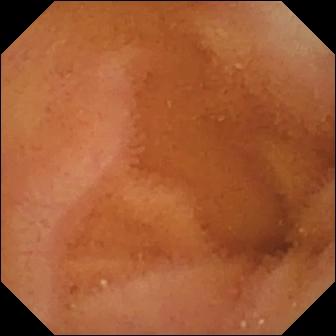PROCEDURE: Video capsule endoscopy.
SEGMENT: Small intestine.
FINDINGS: Normal clean mucosa.